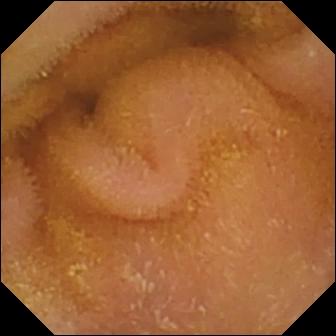This wireless capsule endoscopy still of the small intestine shows normal clean mucosa.